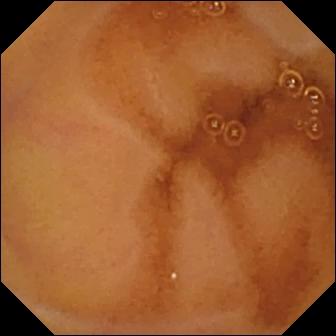Normal clean mucosa (336×336).